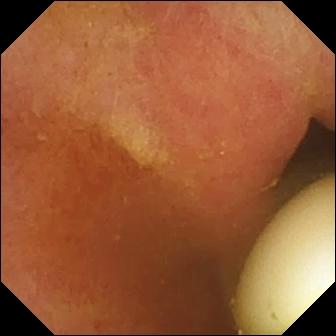Capsule endoscopy. Observation: foreign body (e.g. retained capsule, tablet residue).